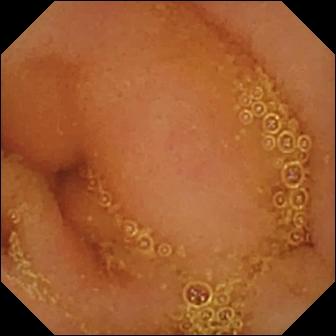PROCEDURE: WCE.
FINDINGS: Normal clean mucosa.